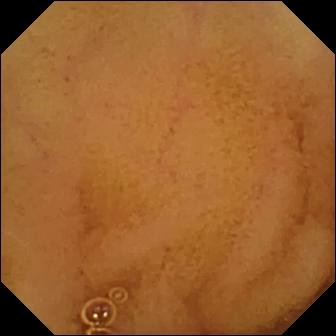Wireless capsule endoscopy — normal clean mucosa.